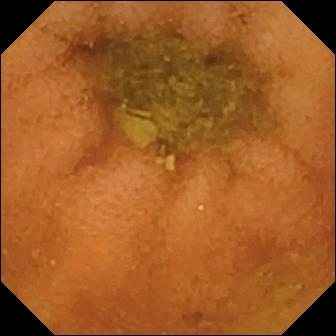{"modality": "VCE", "segment": "small intestine", "finding": "normal clean mucosa"}